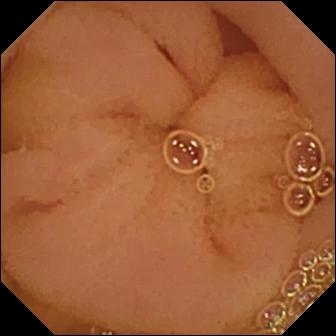Normal clean mucosa (336×336).